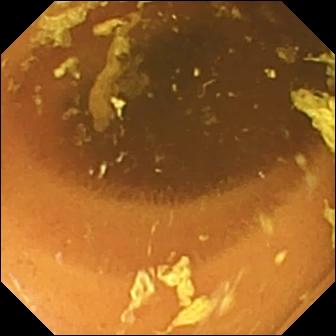{"modality": "capsule endoscopy", "finding": "normal clean mucosa"}